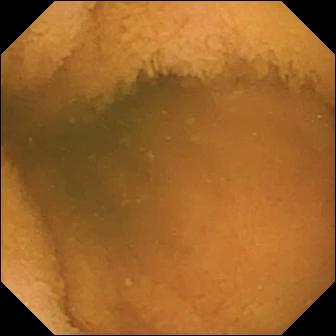modality: capsule endoscopy | segment: small intestine | category: luminal finding | label: normal clean mucosa